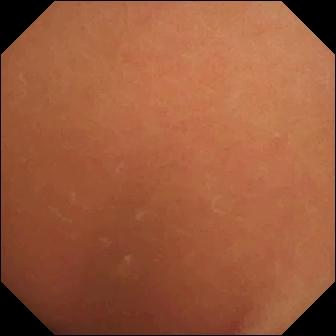modality: WCE; observation: normal clean mucosa